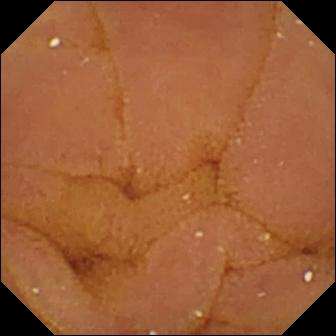Normal clean mucosa (336×336).